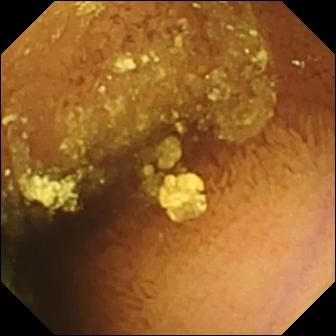modality: VCE | label: normal clean mucosa